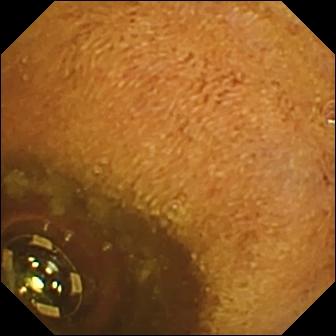PROCEDURE: Video capsule endoscopy.
FINDINGS: Foreign body (e.g. retained capsule, tablet residue).